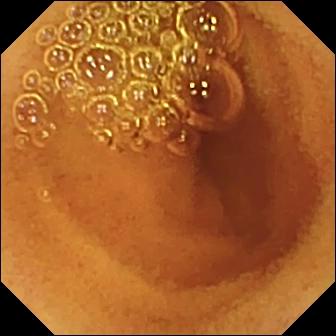Wireless capsule endoscopy snapshot of the small intestine showing normal clean mucosa.